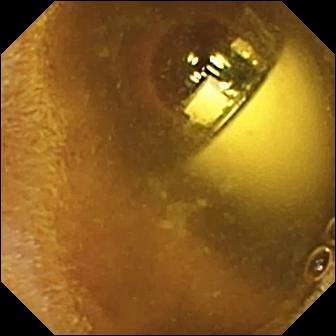Foreign body (e.g. retained capsule, tablet residue) — small-bowel capsule endoscopy frame.